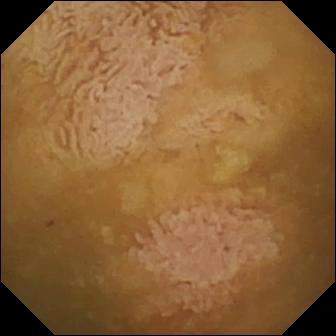This wireless capsule endoscopy frame was taken in the ileo-cecal valve region (where the capsule passes from the small bowel into the large bowel).